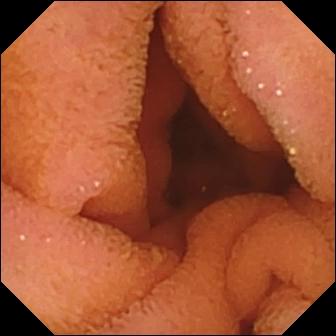- modality: video capsule endoscopy
- segment: small intestine
- label: normal clean mucosa